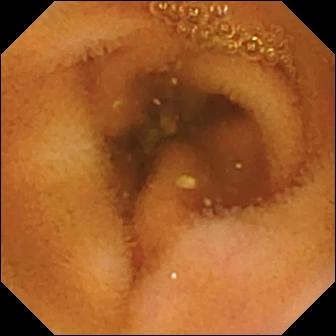This small-bowel capsule endoscopy frame of the small intestine shows normal clean mucosa.